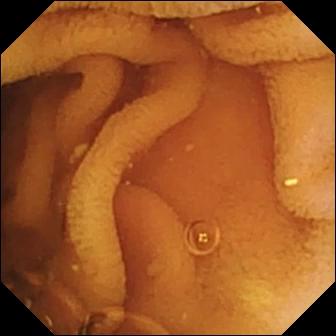WCE — normal clean mucosa.